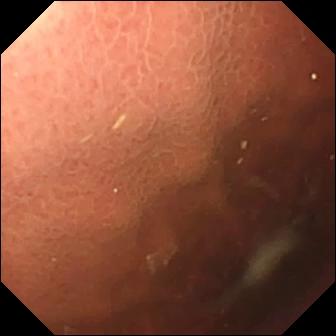Wireless capsule endoscopy — pylorus region.